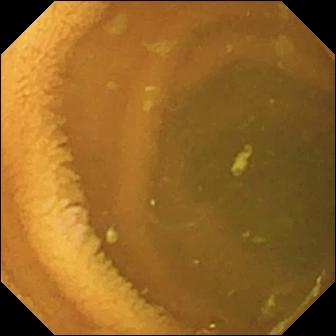Small-bowel capsule endoscopy snapshot, 336×336. Normal clean mucosa.